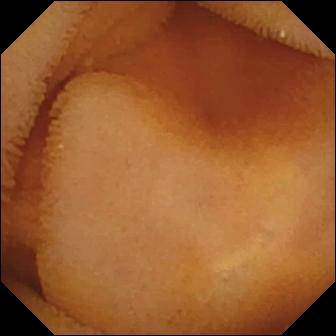PROCEDURE: Capsule endoscopy.
FINDINGS: Normal clean mucosa.